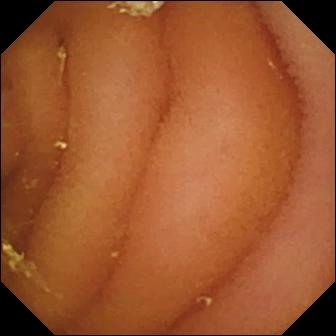Capsule endoscopy — normal clean mucosa.